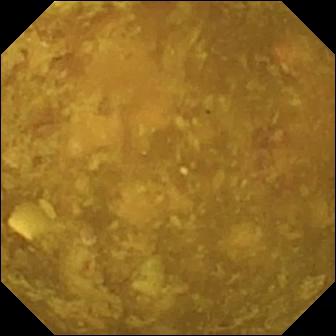modality: video capsule endoscopy; observation: reduced mucosal view (content or bubbles obscuring the mucosa)